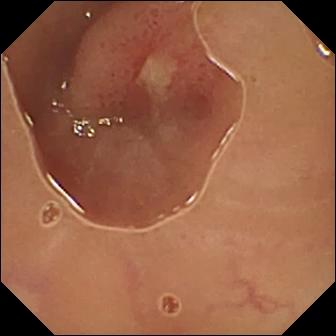Video capsule endoscopy — ulcer.